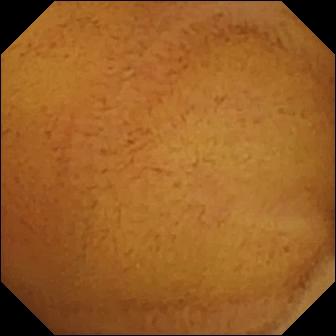Small-bowel capsule endoscopy. Finding: normal clean mucosa.